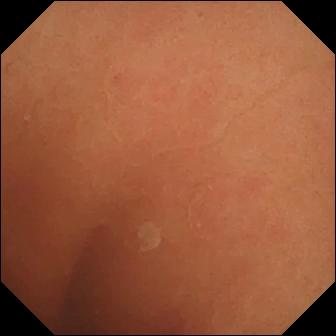- modality: small-bowel capsule endoscopy
- impression: normal clean mucosa